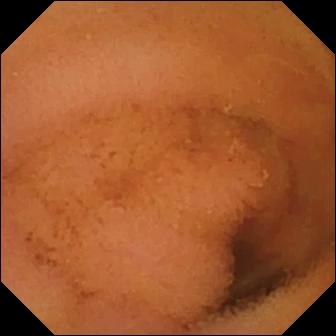modality: WCE | segment: small bowel | impression: normal clean mucosa